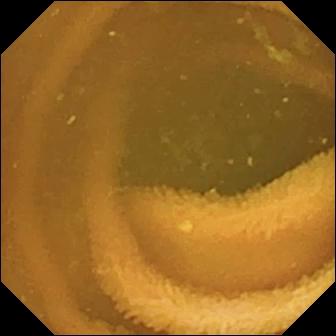This wireless capsule endoscopy view shows normal clean mucosa.